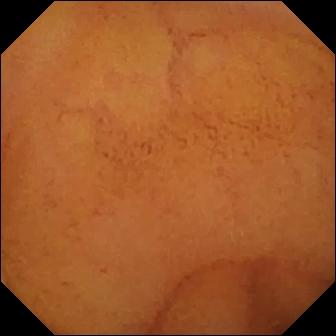VCE image, small intestine
Finding: normal clean mucosa